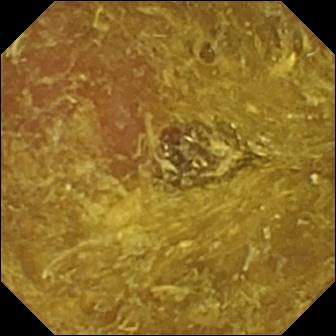Reduced mucosal view (content or bubbles obscuring the mucosa) — video capsule endoscopy view of the small intestine.